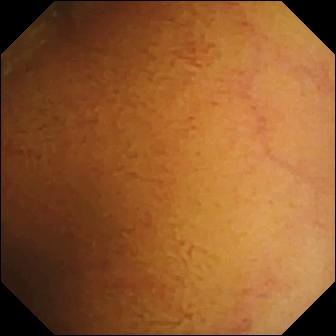PROCEDURE: Video capsule endoscopy.
FINDINGS: Normal clean mucosa.